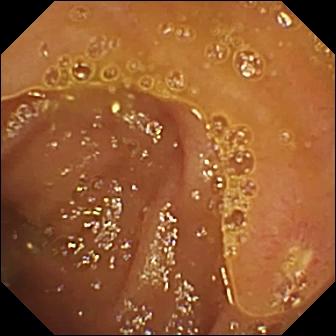PROCEDURE: Small-bowel capsule endoscopy.
FINDINGS: Ulcer.